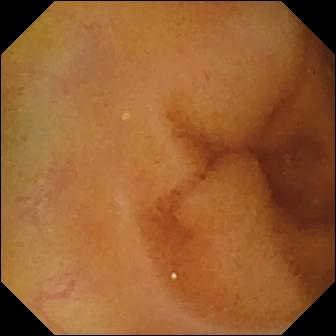Wireless capsule endoscopy image
Impression: normal clean mucosa